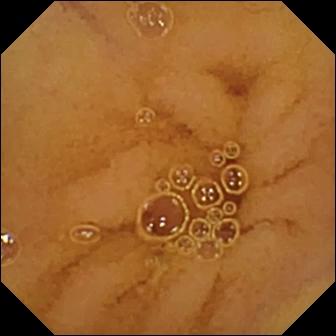Video capsule endoscopy — normal clean mucosa.